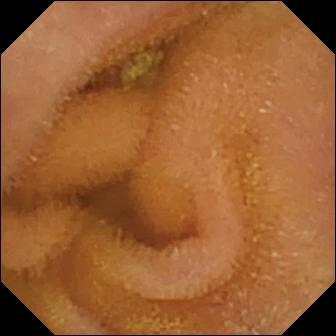Small-bowel capsule endoscopy view (small intestine). Normal clean mucosa.